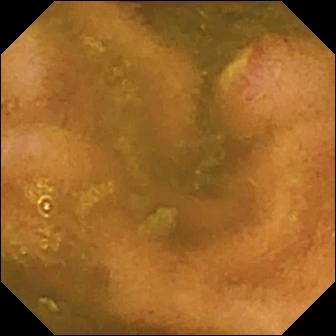VCE frame
Finding: ulcer